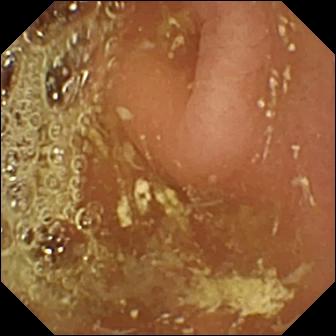Pylorus region (where the capsule passes from the stomach into the small bowel).